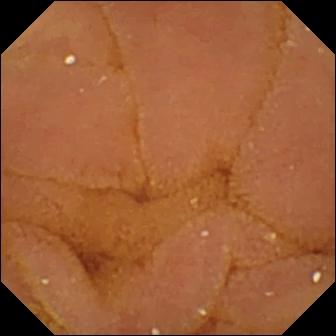VCE. Luminal finding. Observation: normal clean mucosa.